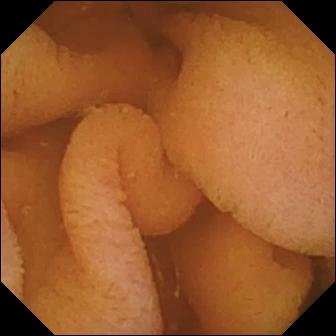Capsule endoscopy frame, small intestine
Finding: normal clean mucosa